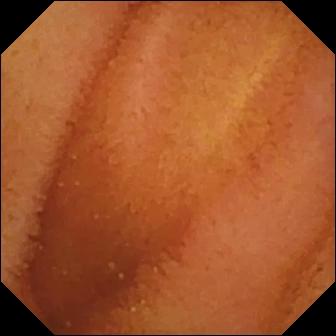This capsule endoscopy still shows normal clean mucosa.